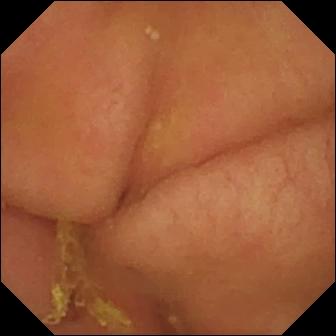Video capsule endoscopy still. Taken in the pylorus region (the junction between the stomach and the small bowel).